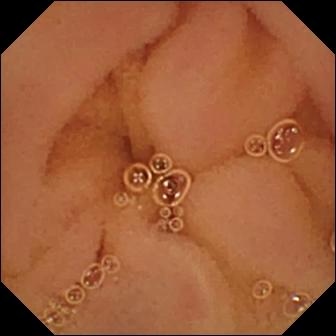Wireless capsule endoscopy — normal clean mucosa.